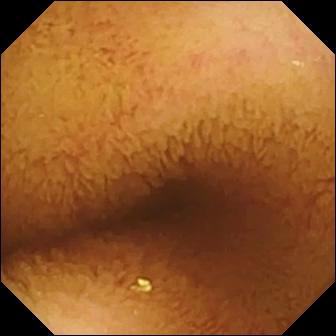modality: VCE
observation: normal clean mucosa